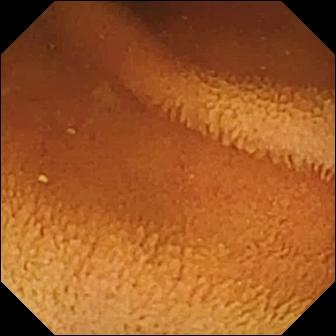Normal clean mucosa — capsule endoscopy snapshot.